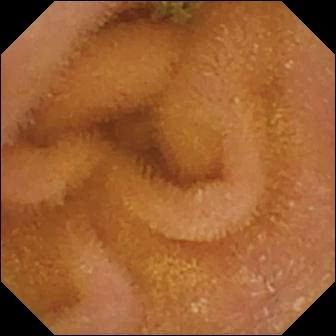Wireless capsule endoscopy frame
Finding: normal clean mucosa